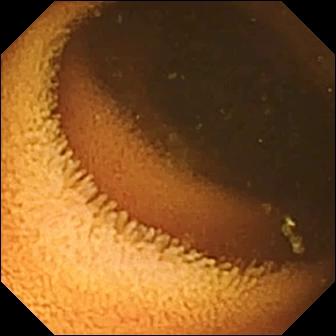VCE frame, small bowel
Finding: normal clean mucosa